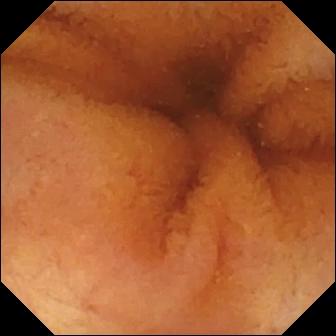Capsule endoscopy snapshot, small intestine
Finding: normal clean mucosa